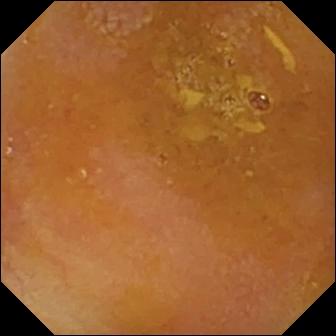- modality: capsule endoscopy
- category: luminal finding
- impression: reduced mucosal view (content or bubbles obscuring the mucosa)